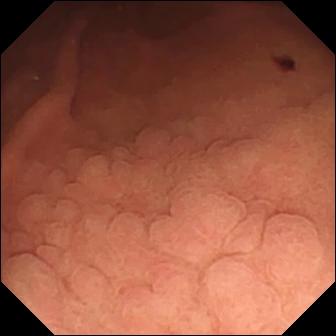Capsule endoscopy. Finding: angiectasia.